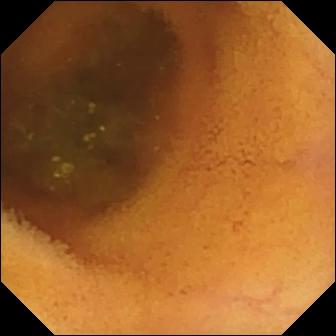Normal clean mucosa — small-bowel capsule endoscopy frame.